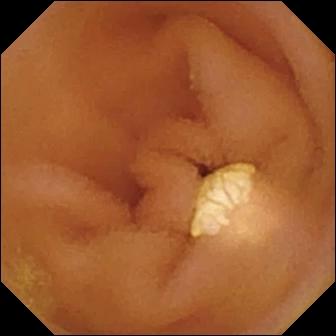Lymphangiectasia — wireless capsule endoscopy image.